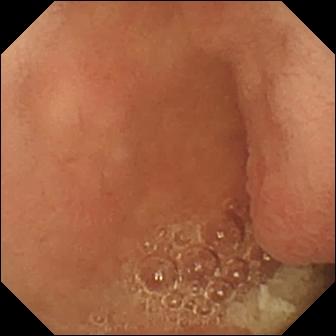Small-bowel capsule endoscopy image
Label: pylorus region (where the capsule passes from the stomach into the small bowel)